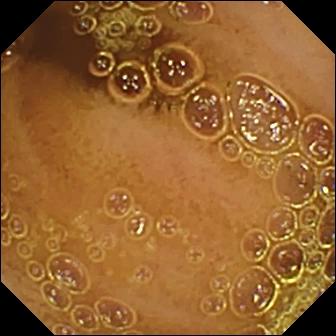Normal clean mucosa — capsule endoscopy image.